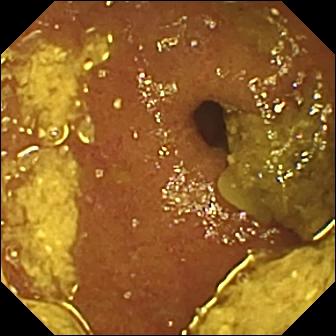Capsule endoscopy. Near an anatomical landmark. Video segment: ileo-cecal valve region.